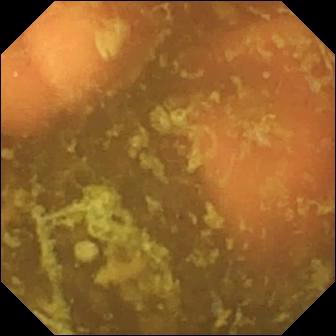modality: wireless capsule endoscopy | category: anatomical landmark | location: ileo-cecal valve region (where the capsule passes from the small bowel into the large bowel)